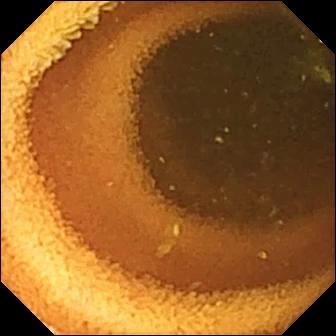Small-bowel capsule endoscopy — normal clean mucosa.